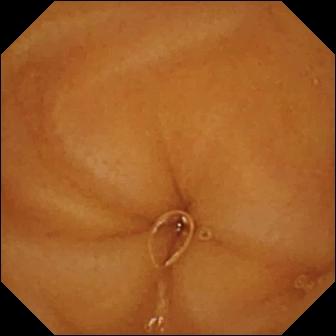VCE frame of the small bowel showing normal clean mucosa.